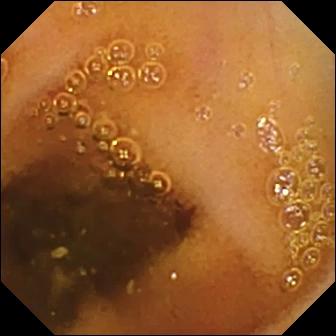{"modality": "WCE", "finding": "normal clean mucosa"}